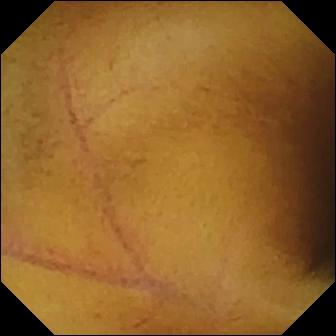This VCE frame shows normal clean mucosa.